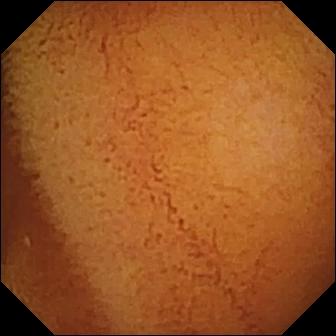PROCEDURE: Wireless capsule endoscopy.
SEGMENT: Small bowel.
FINDINGS: Normal clean mucosa.